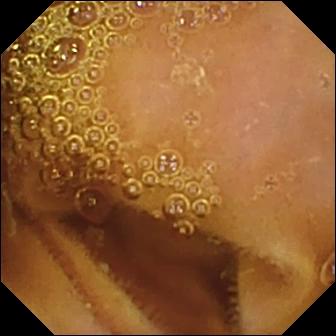Small-bowel capsule endoscopy — normal clean mucosa.